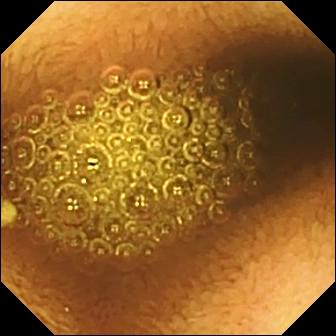Video capsule endoscopy. Luminal finding. Label: reduced mucosal view (content or bubbles obscuring the mucosa).